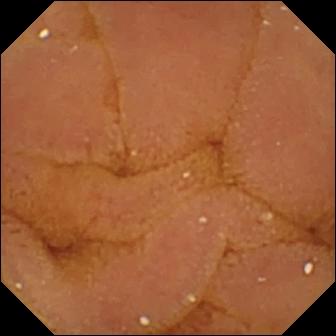Normal clean mucosa.